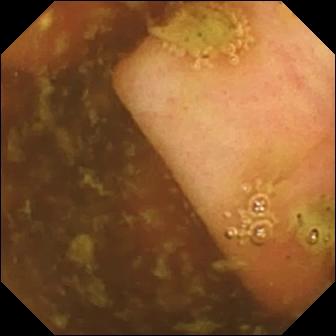Ileo-cecal valve region (where the capsule passes from the small bowel into the large bowel), 336×336.